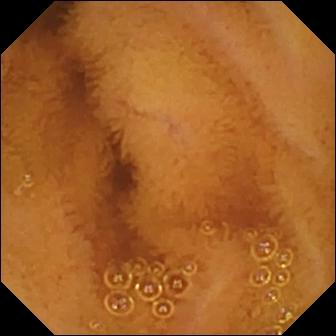- modality: video capsule endoscopy
- segment: small bowel
- observation: normal clean mucosa